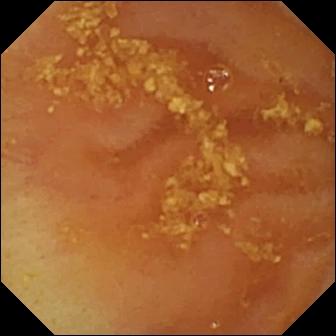This small-bowel capsule endoscopy view was taken in the ileo-cecal valve region (the transition from the small bowel to the large bowel).